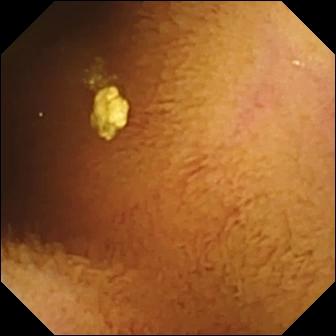{"modality": "WCE", "segment": "small intestine", "finding": "normal clean mucosa"}